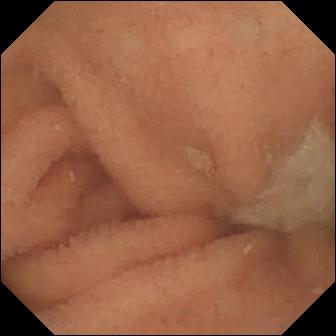Capsule endoscopy still of the small intestine showing normal clean mucosa.